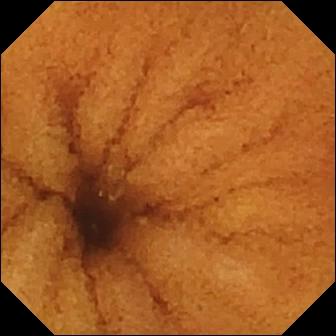Q: What does this wireless capsule endoscopy still show?
A: Normal clean mucosa.